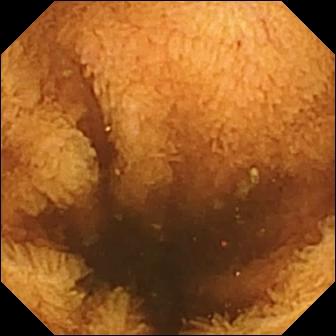{"modality": "video capsule endoscopy", "finding": "normal clean mucosa"}